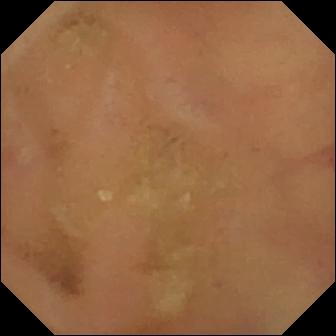Video capsule endoscopy snapshot (small bowel). Normal clean mucosa.